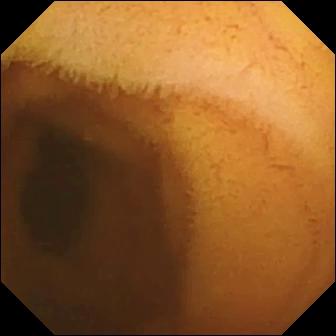Normal clean mucosa — capsule endoscopy still of the small intestine.